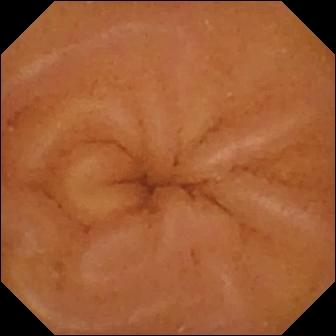- modality: small-bowel capsule endoscopy
- label: normal clean mucosa